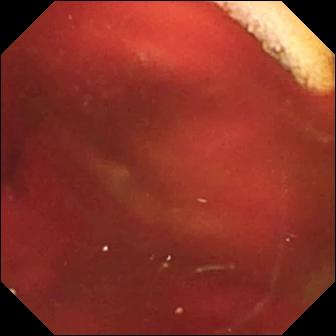- modality: capsule endoscopy
- impression: fresh blood in the lumen